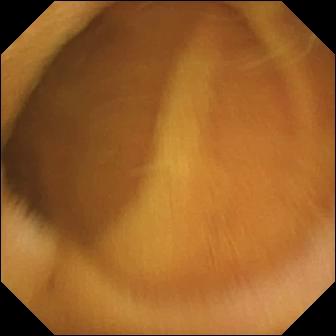VCE. Label: normal clean mucosa.